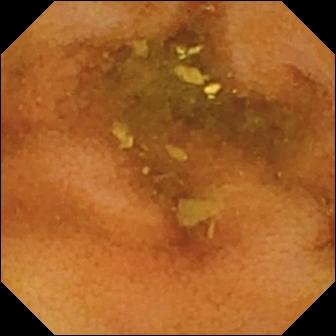WCE frame (small intestine). Normal clean mucosa.